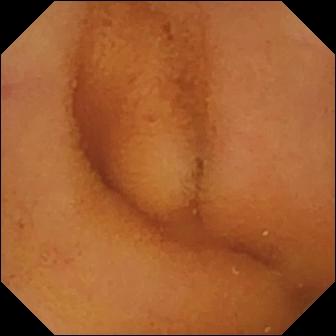Wireless capsule endoscopy frame (small intestine). Normal clean mucosa.